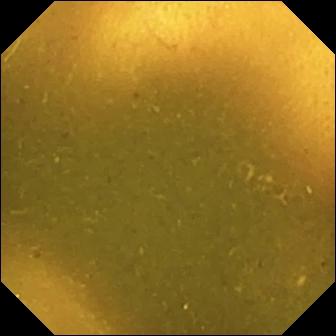Ileo-cecal valve region (where the capsule passes from the small bowel into the large bowel).